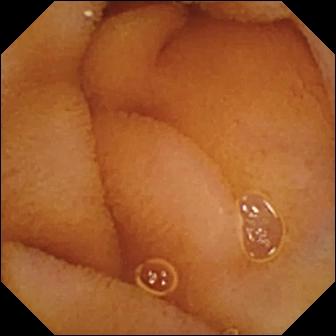WCE image, small bowel
Observation: normal clean mucosa